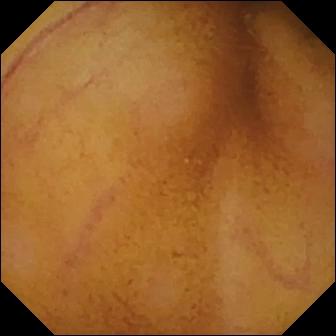modality: capsule endoscopy | impression: normal clean mucosa